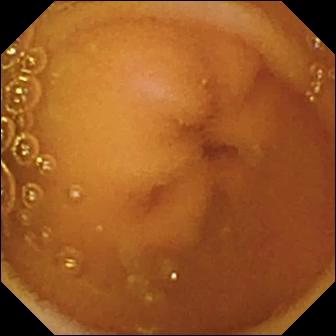Wireless capsule endoscopy — normal clean mucosa.